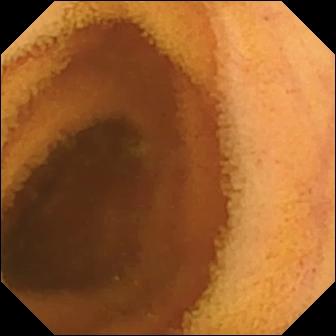PROCEDURE: Capsule endoscopy.
FINDINGS: Normal clean mucosa.